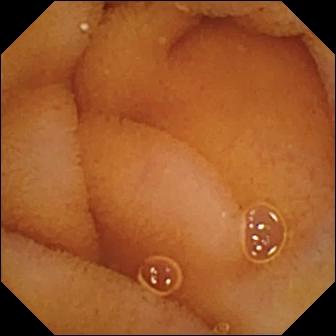Normal clean mucosa — small-bowel capsule endoscopy image.